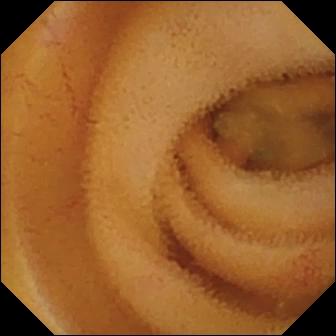Capsule endoscopy. Luminal finding. Label: angiectasia.